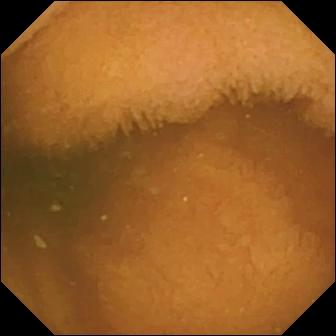Video capsule endoscopy. Small bowel. Luminal finding. Impression: normal clean mucosa.